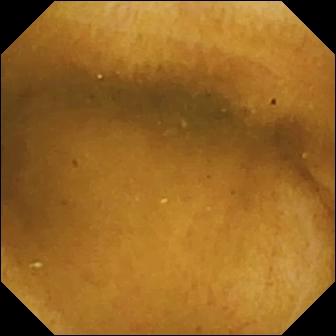VCE — normal clean mucosa.